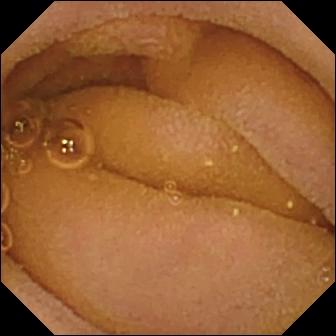PROCEDURE: Video capsule endoscopy.
SEGMENT: Small intestine.
FINDINGS: Normal clean mucosa.